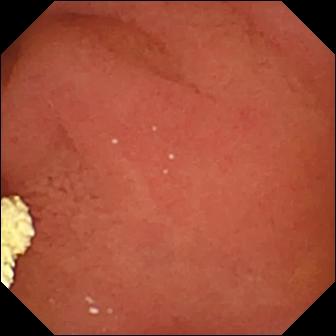WCE — pylorus region (where the capsule passes from the stomach into the small bowel).